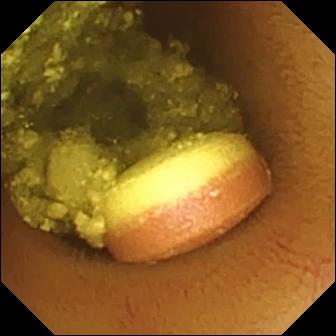- modality: small-bowel capsule endoscopy
- impression: foreign body (e.g. retained capsule, tablet residue)